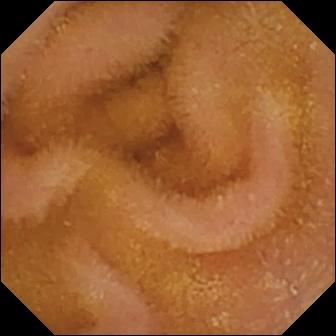Capsule endoscopy. Small bowel. Finding: normal clean mucosa.